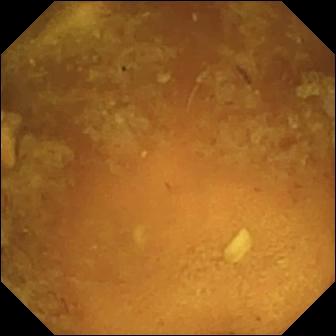- modality: wireless capsule endoscopy
- segment: small intestine
- category: luminal finding
- finding: reduced mucosal view (content or bubbles obscuring the mucosa)